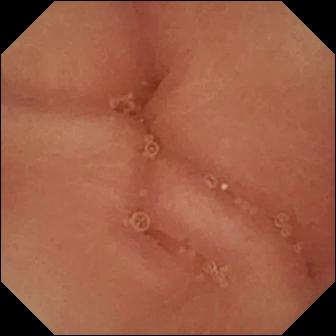Pylorus region (the junction between the stomach and the small bowel) — WCE snapshot.